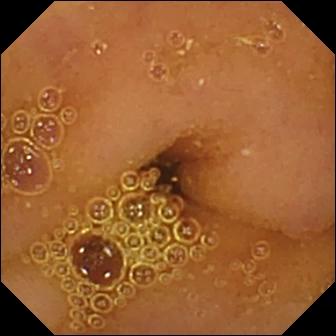Wireless capsule endoscopy view
Label: normal clean mucosa